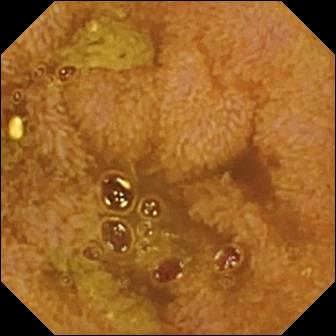{"modality": "video capsule endoscopy", "category": "anatomical landmark", "location": "ileo-cecal valve region (the transition from the small bowel to the large bowel)"}